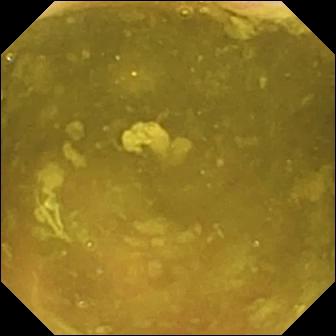Small-bowel capsule endoscopy. Position: ileo-cecal valve region (where the capsule passes from the small bowel into the large bowel).